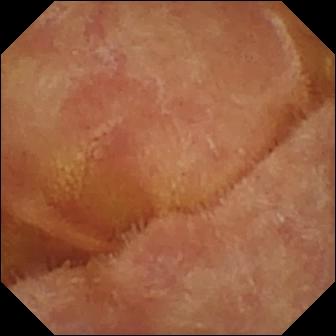VCE. Small intestine. Luminal finding. Impression: normal clean mucosa.